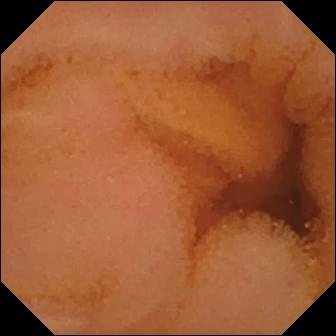VCE frame (small intestine). Normal clean mucosa.